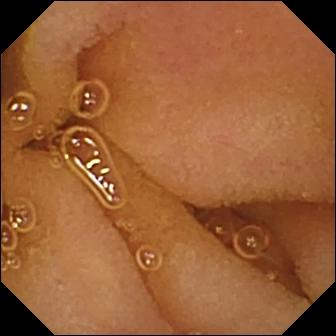{"modality": "small-bowel capsule endoscopy", "finding": "normal clean mucosa"}